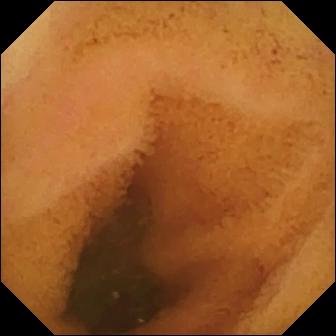Wireless capsule endoscopy snapshot, small intestine
Label: normal clean mucosa